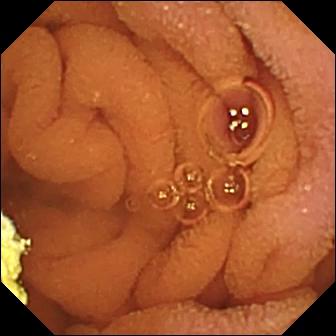PROCEDURE: Small-bowel capsule endoscopy.
FINDINGS: Normal clean mucosa.